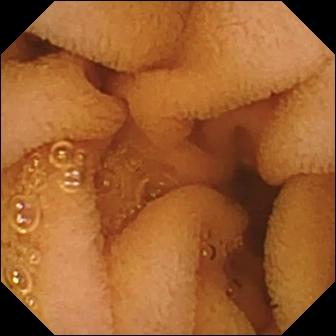Normal clean mucosa.